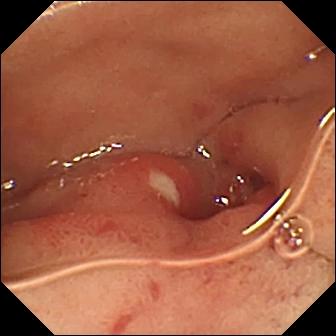Capsule endoscopy snapshot. Ulcer.